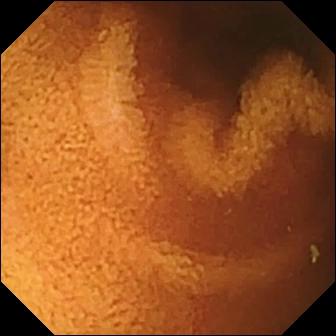Capsule endoscopy still
Finding: normal clean mucosa